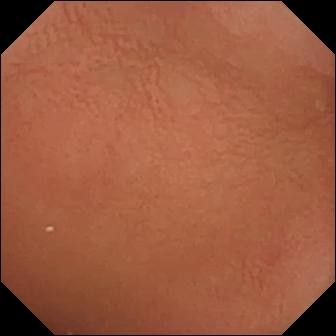WCE frame taken in the pylorus region (the junction between the stomach and the small bowel).